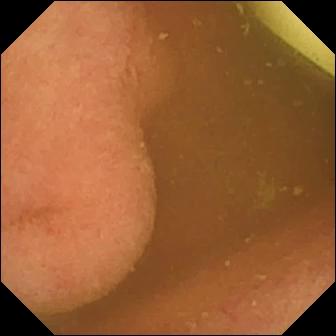Capsule endoscopy snapshot
Observation: foreign body (e.g. retained capsule, tablet residue)